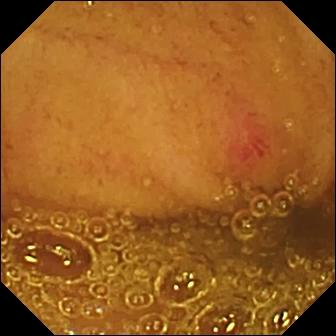PROCEDURE: WCE.
FINDINGS: Angiectasia.